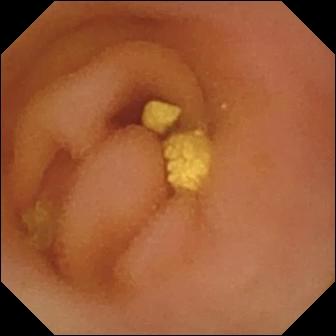Capsule endoscopy still
Label: lymphangiectasia